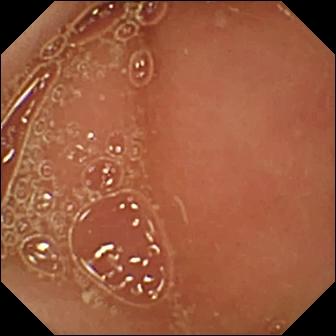Capsule endoscopy still taken in the pylorus region (the junction between the stomach and the small bowel).